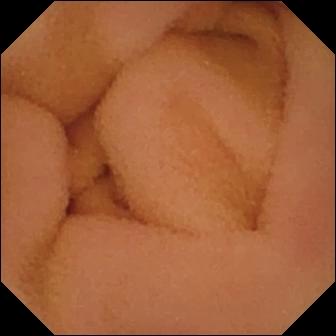Q: What does this video capsule endoscopy frame show?
A: Normal clean mucosa.